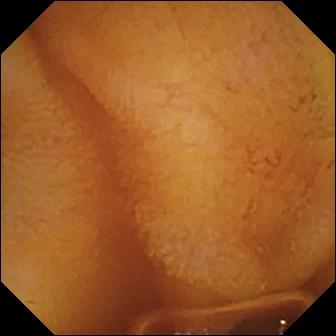Normal clean mucosa.